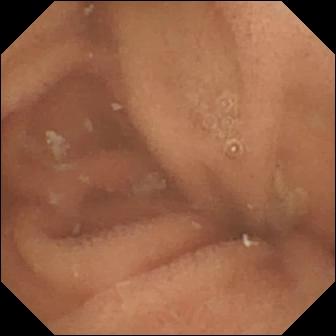modality: VCE | segment: small intestine | finding: normal clean mucosa